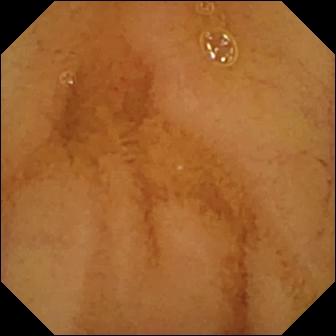Small-bowel capsule endoscopy view of the small bowel showing normal clean mucosa.